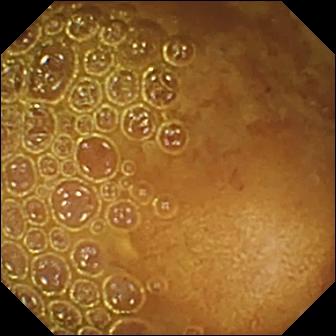WCE still of the small bowel showing reduced mucosal view (content or bubbles obscuring the mucosa).